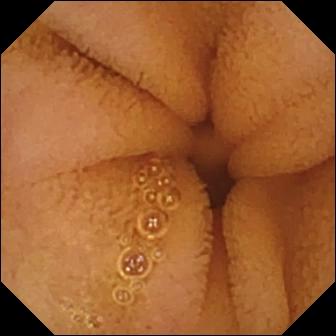Video capsule endoscopy image of the small bowel showing normal clean mucosa.